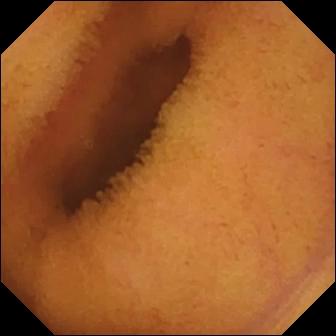Small-bowel capsule endoscopy view showing normal clean mucosa.